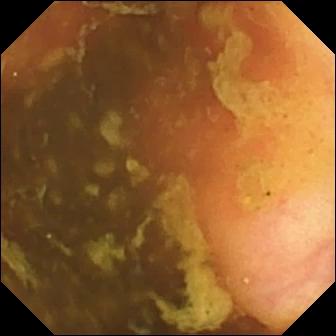Small-bowel capsule endoscopy. Location: ileo-cecal valve region (the transition from the small bowel to the large bowel).